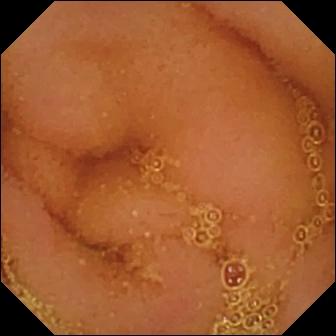- modality: capsule endoscopy
- segment: small intestine
- observation: normal clean mucosa